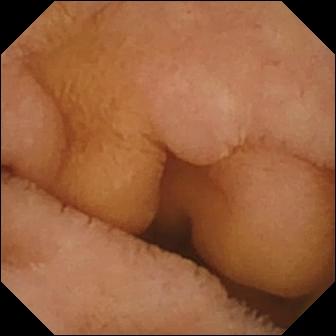Normal clean mucosa — small-bowel capsule endoscopy image.